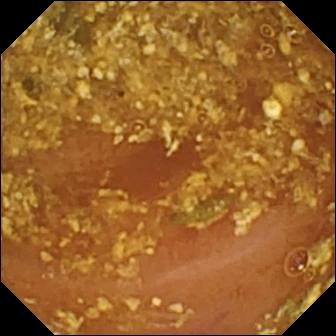Video capsule endoscopy still showing reduced mucosal view (content or bubbles obscuring the mucosa).